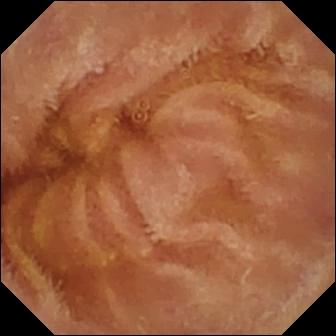- modality: capsule endoscopy
- observation: normal clean mucosa